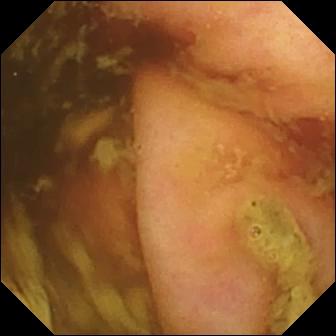modality: VCE | position: ileo-cecal valve region (where the capsule passes from the small bowel into the large bowel)